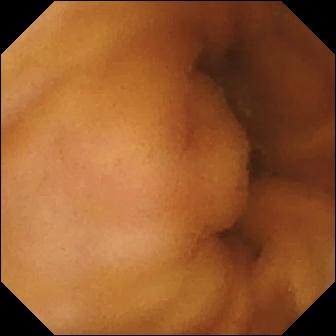This VCE still shows normal clean mucosa.